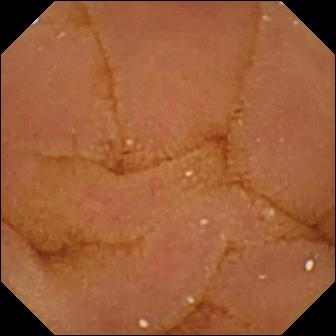Video capsule endoscopy image showing normal clean mucosa.